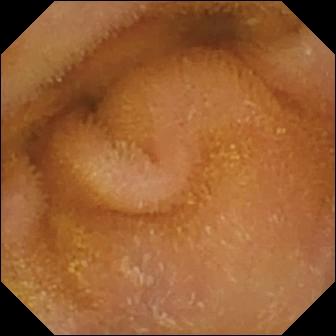Normal clean mucosa — video capsule endoscopy image.